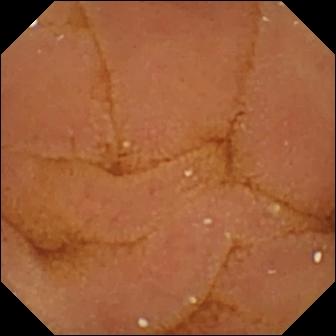Video capsule endoscopy snapshot, small intestine
Impression: normal clean mucosa